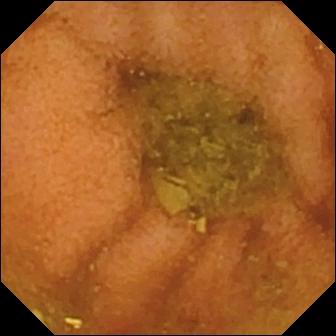{"modality": "VCE", "segment": "small bowel", "finding": "normal clean mucosa"}